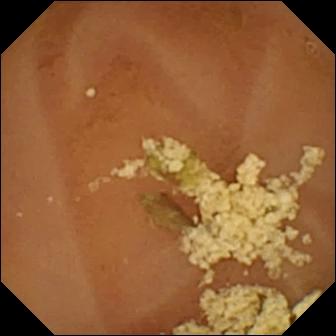Capsule endoscopy — normal clean mucosa.